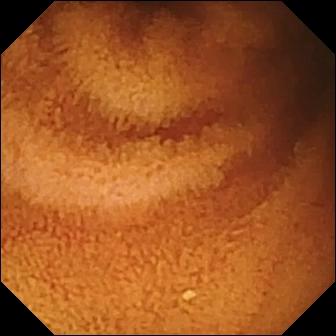PROCEDURE: Wireless capsule endoscopy.
FINDINGS: Normal clean mucosa.